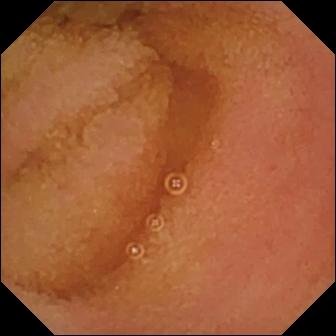This small-bowel capsule endoscopy frame shows normal clean mucosa.